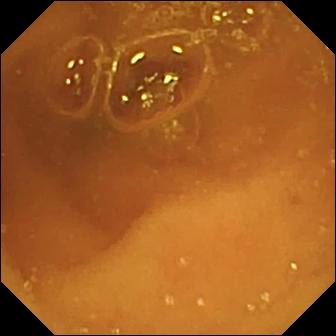Wireless capsule endoscopy frame
Label: normal clean mucosa